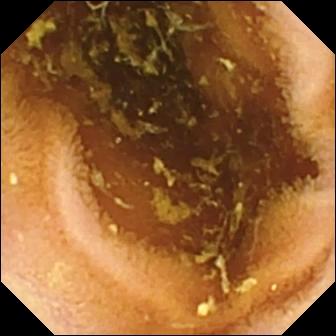{"modality": "small-bowel capsule endoscopy", "category": "luminal finding", "finding": "normal clean mucosa"}